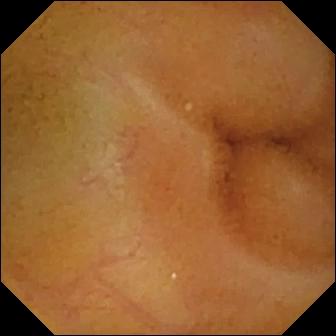PROCEDURE: Small-bowel capsule endoscopy.
FINDINGS: Normal clean mucosa.